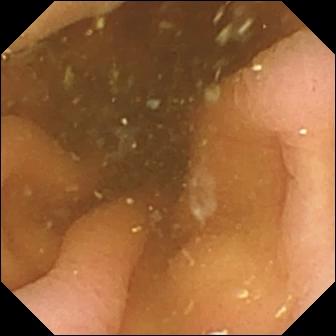VCE still taken in the pylorus region (where the capsule passes from the stomach into the small bowel).